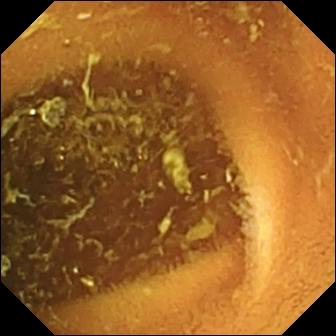Small-bowel capsule endoscopy still
Impression: normal clean mucosa